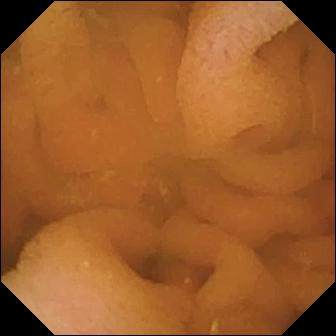Q: What does this wireless capsule endoscopy frame of the small intestine show?
A: Normal clean mucosa.